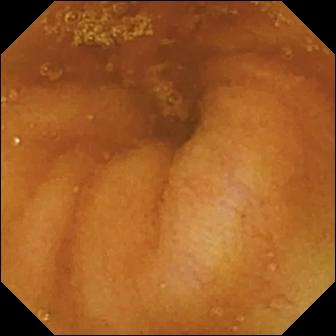PROCEDURE: Capsule endoscopy.
FINDINGS: Normal clean mucosa.